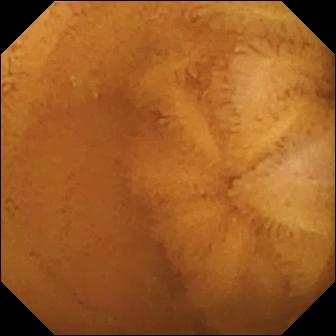Video capsule endoscopy — normal clean mucosa.